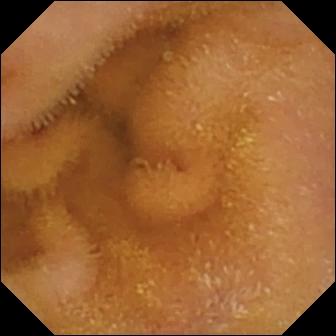PROCEDURE: Small-bowel capsule endoscopy.
SEGMENT: Small intestine.
FINDINGS: Normal clean mucosa.